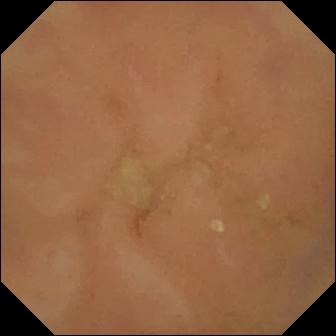- modality: VCE
- segment: small bowel
- impression: normal clean mucosa